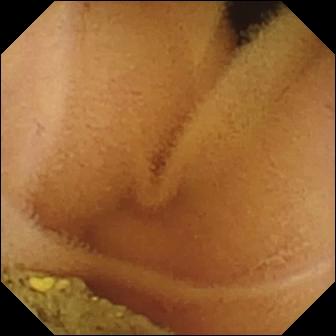{"modality": "capsule endoscopy", "category": "luminal finding", "finding": "normal clean mucosa"}